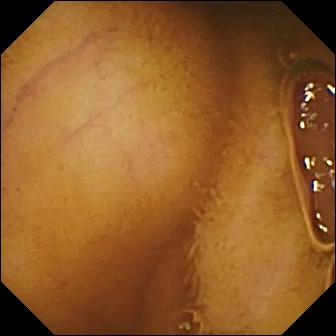VCE still of the small intestine showing normal clean mucosa.